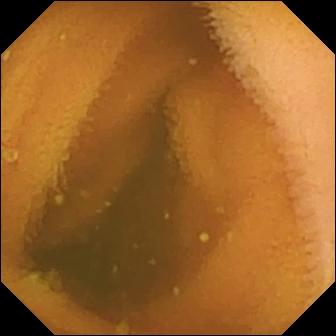modality: wireless capsule endoscopy | observation: normal clean mucosa